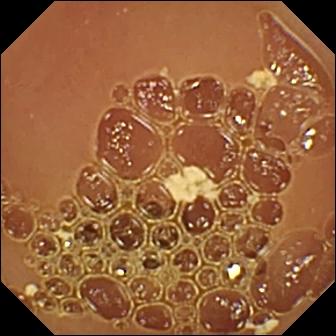WCE image, small intestine
Label: normal clean mucosa